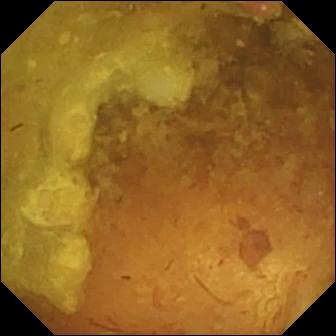Wireless capsule endoscopy. Impression: reduced mucosal view (content or bubbles obscuring the mucosa).